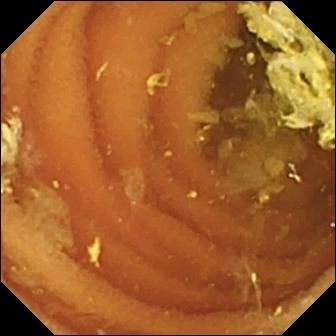PROCEDURE: Wireless capsule endoscopy.
SEGMENT: Small intestine.
FINDINGS: Normal clean mucosa.